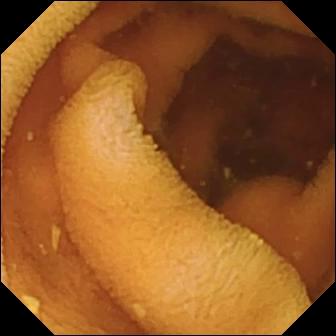Normal clean mucosa.